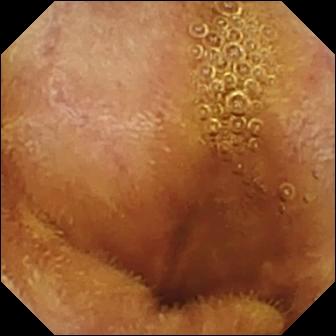Q: What does this small-bowel capsule endoscopy still show?
A: Normal clean mucosa.